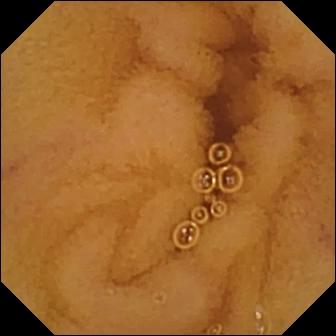{"modality": "wireless capsule endoscopy", "finding": "normal clean mucosa"}